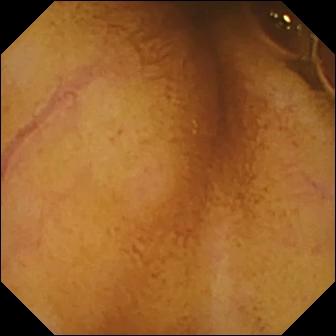Normal clean mucosa.